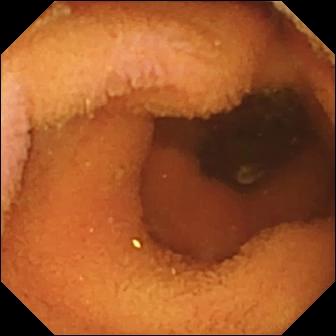Video capsule endoscopy image
Observation: normal clean mucosa